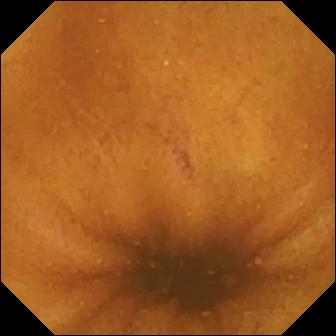Small-bowel capsule endoscopy frame (small intestine), 336×336. Normal clean mucosa.